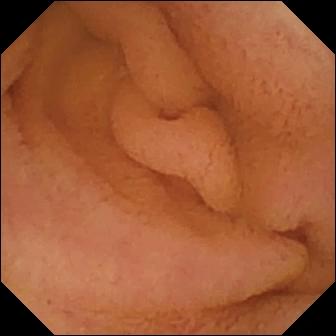Q: What does this WCE still of the small intestine show?
A: Normal clean mucosa.